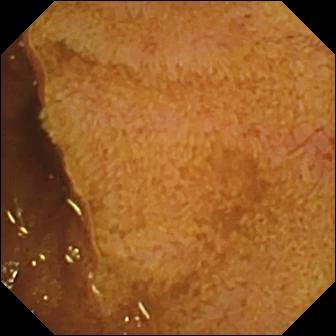Capsule endoscopy snapshot taken in the ileo-cecal valve region (where the capsule passes from the small bowel into the large bowel).